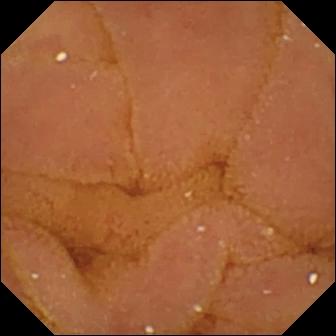Q: What does this video capsule endoscopy view show?
A: Normal clean mucosa.